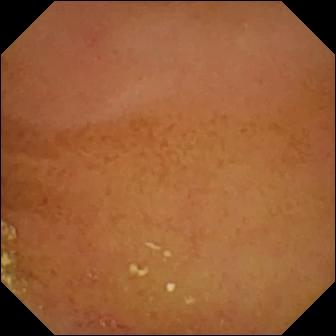This WCE image shows normal clean mucosa.